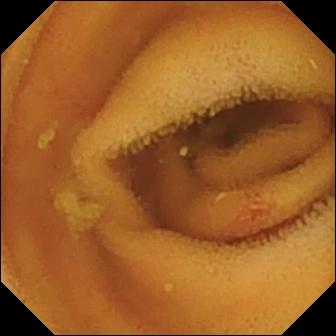- modality: video capsule endoscopy
- observation: angiectasia